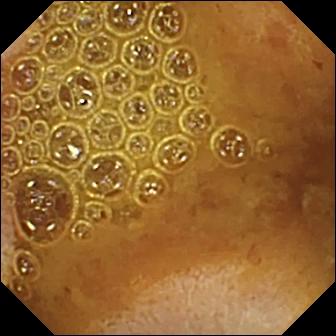Wireless capsule endoscopy view, small bowel
Observation: reduced mucosal view (content or bubbles obscuring the mucosa)